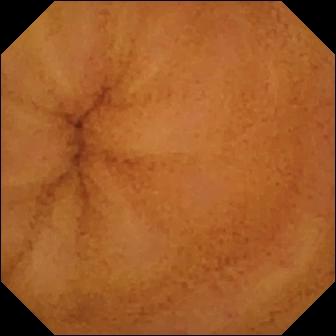PROCEDURE: Small-bowel capsule endoscopy.
FINDINGS: Normal clean mucosa.